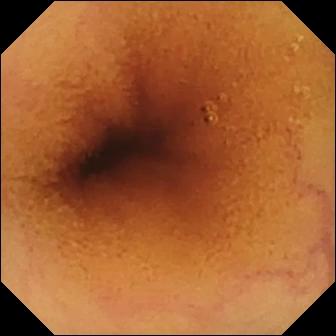- modality: capsule endoscopy
- segment: small intestine
- category: luminal finding
- finding: normal clean mucosa